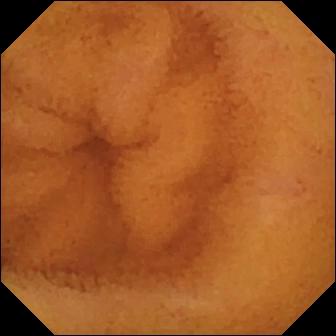Small-bowel capsule endoscopy view. Normal clean mucosa.